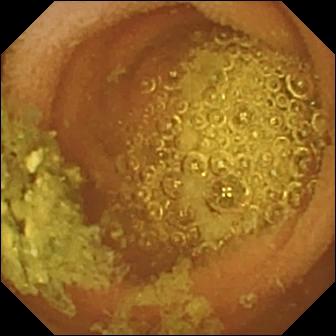VCE. Label: normal clean mucosa.